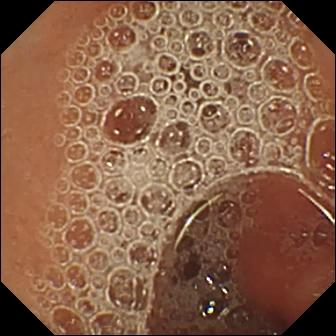Wireless capsule endoscopy view showing normal clean mucosa.